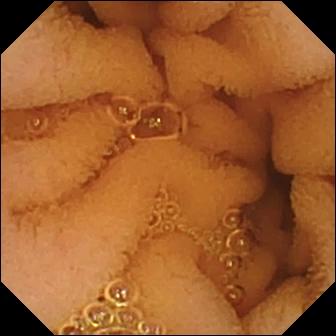WCE — normal clean mucosa.